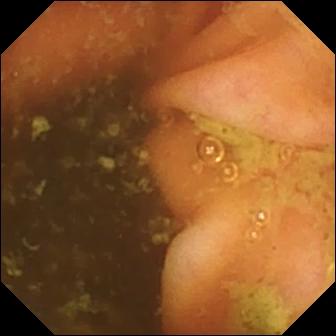{"modality": "small-bowel capsule endoscopy", "position": "ileo-cecal valve region"}